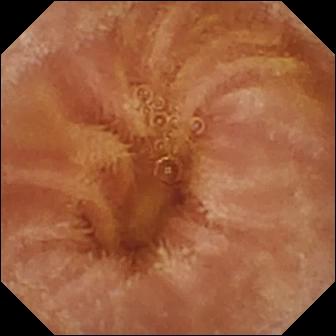This VCE view of the small intestine shows normal clean mucosa.